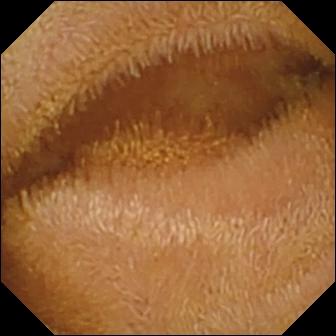Normal clean mucosa.